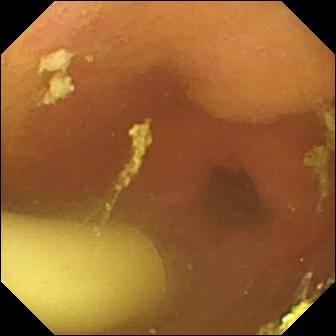Foreign body (e.g. retained capsule, tablet residue) — video capsule endoscopy frame.